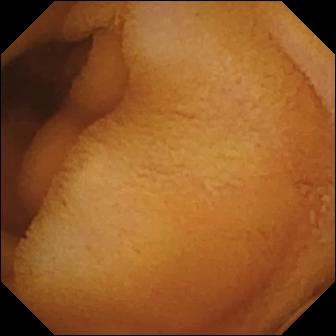Normal clean mucosa.